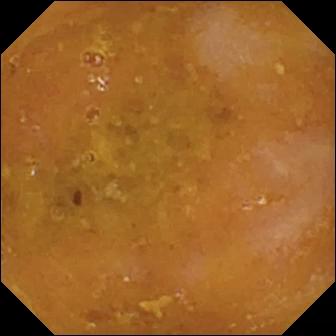PROCEDURE: Video capsule endoscopy.
SEGMENT: Small bowel.
FINDINGS: Reduced mucosal view (content or bubbles obscuring the mucosa).